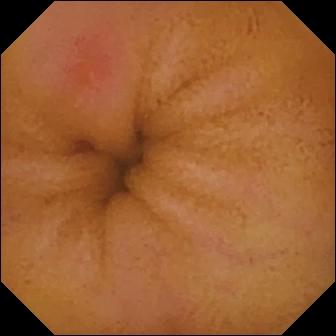modality: video capsule endoscopy
category: luminal finding
label: erythema (mucosal redness)